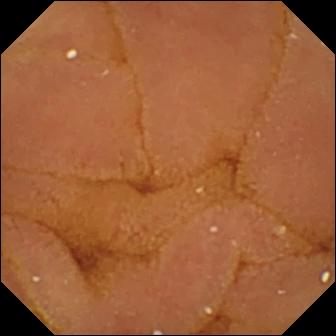VCE — normal clean mucosa.